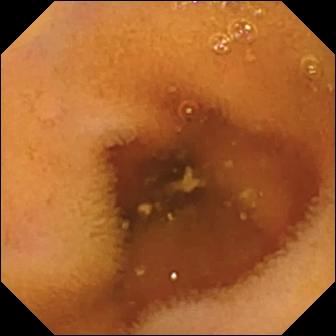WCE — normal clean mucosa.